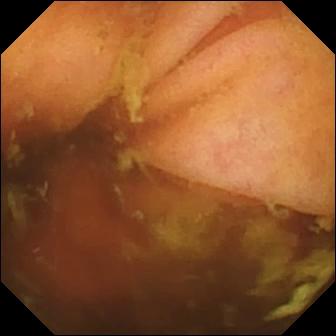- modality: video capsule endoscopy
- category: anatomical landmark
- position: ileo-cecal valve region